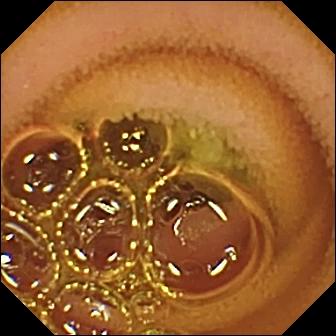Q: What does this WCE snapshot of the small bowel show?
A: Normal clean mucosa.